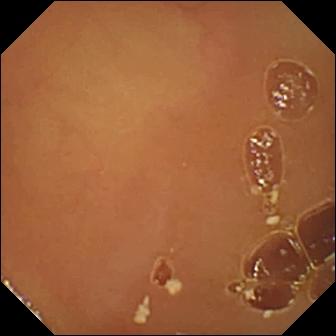Small-bowel capsule endoscopy still
Observation: normal clean mucosa